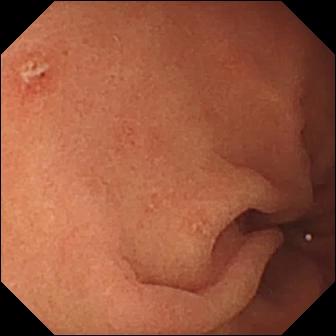Erosion (336×336).